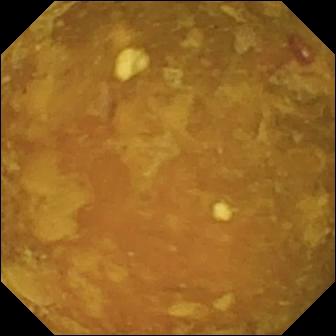Reduced mucosal view (content or bubbles obscuring the mucosa) — capsule endoscopy view of the small intestine.